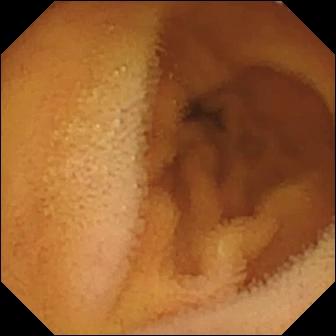Video capsule endoscopy — normal clean mucosa.